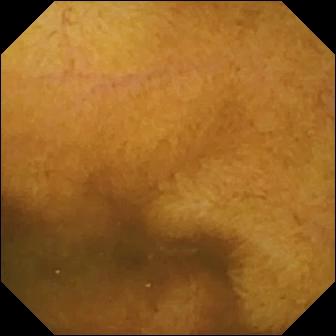Normal clean mucosa.